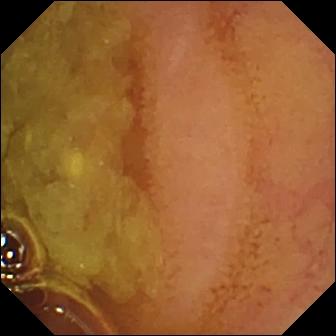Normal clean mucosa — video capsule endoscopy image.